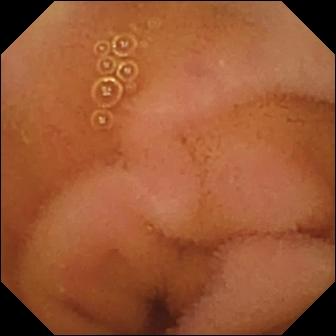- modality: small-bowel capsule endoscopy
- impression: normal clean mucosa